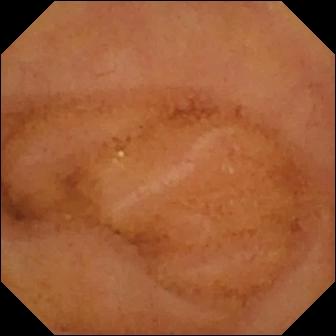This capsule endoscopy frame of the small intestine shows normal clean mucosa.